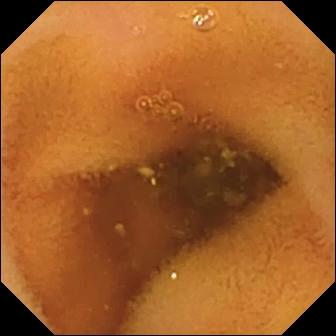Small-bowel capsule endoscopy — normal clean mucosa.